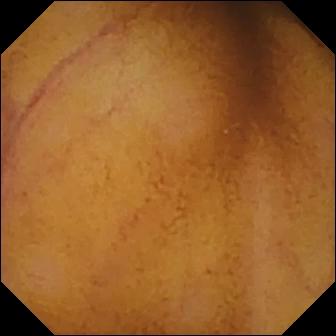VCE frame of the small intestine showing normal clean mucosa.